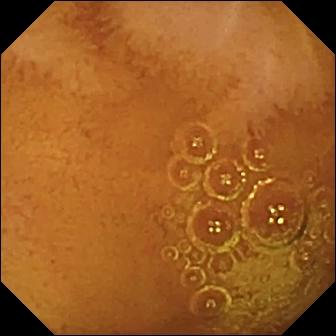Normal clean mucosa.